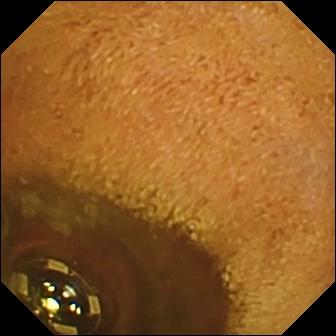Foreign body (e.g. retained capsule, tablet residue) — video capsule endoscopy frame.